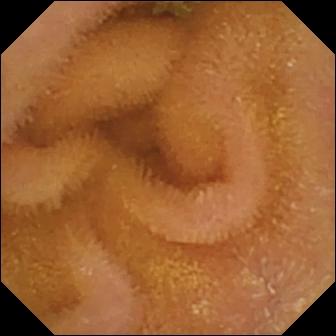PROCEDURE: Capsule endoscopy.
FINDINGS: Normal clean mucosa.